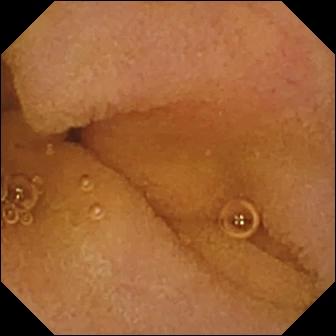Capsule endoscopy frame, 336×336. Normal clean mucosa.